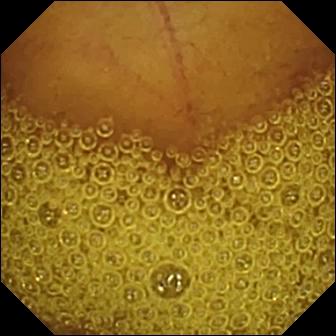This small-bowel capsule endoscopy snapshot shows normal clean mucosa.